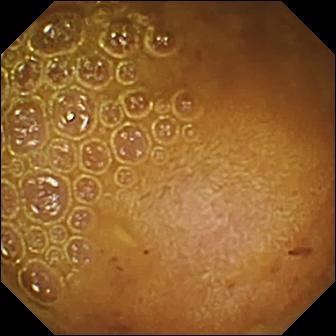Wireless capsule endoscopy image
Observation: reduced mucosal view (content or bubbles obscuring the mucosa)